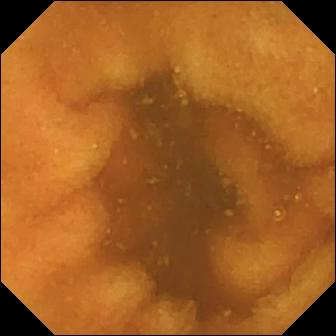VCE frame of the small intestine showing normal clean mucosa.